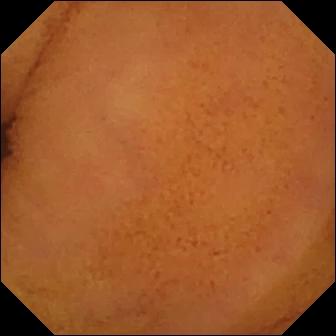modality: video capsule endoscopy | segment: small bowel | label: normal clean mucosa